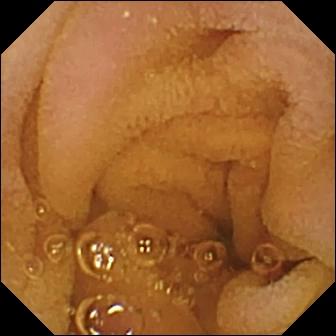Normal clean mucosa — VCE image.